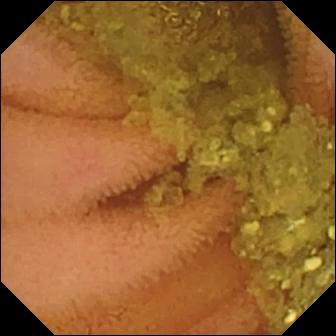This WCE still shows normal clean mucosa.